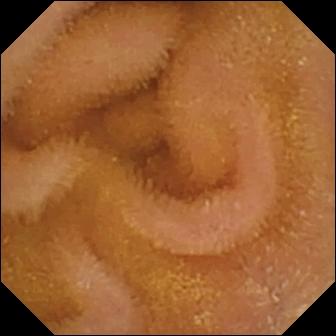Normal clean mucosa (336×336).